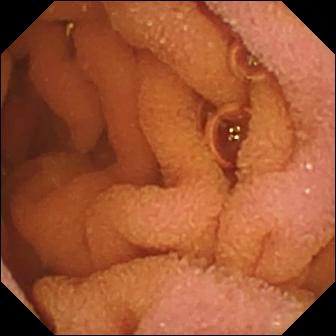Video capsule endoscopy. Impression: normal clean mucosa.